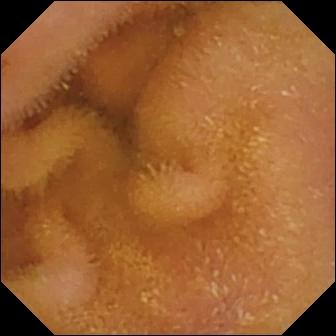Normal clean mucosa — VCE still.